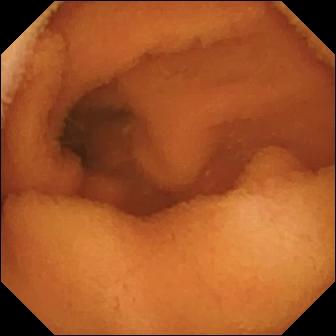{"modality": "VCE", "finding": "normal clean mucosa"}